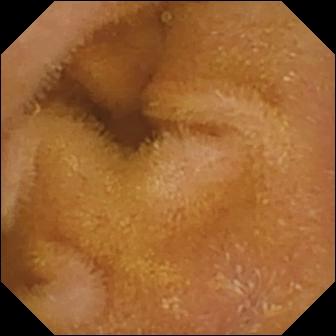Small-bowel capsule endoscopy still, small intestine
Label: normal clean mucosa